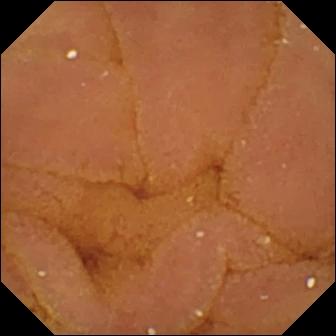- modality: wireless capsule endoscopy
- segment: small bowel
- category: luminal finding
- impression: normal clean mucosa